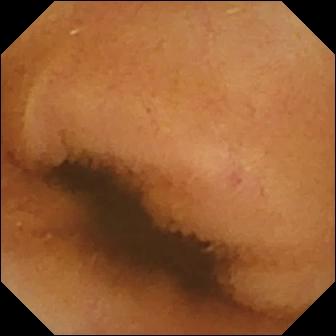Normal clean mucosa.